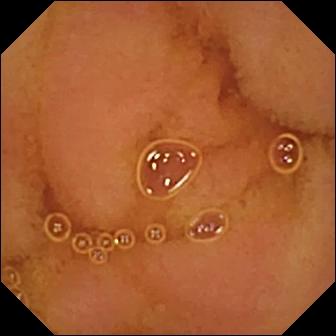PROCEDURE: Small-bowel capsule endoscopy.
FINDINGS: Normal clean mucosa.